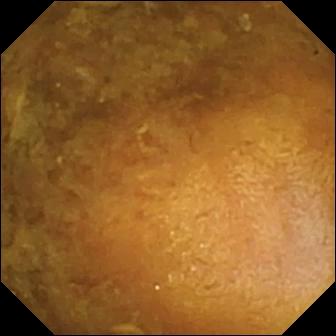- modality: wireless capsule endoscopy
- segment: small bowel
- impression: reduced mucosal view (content or bubbles obscuring the mucosa)